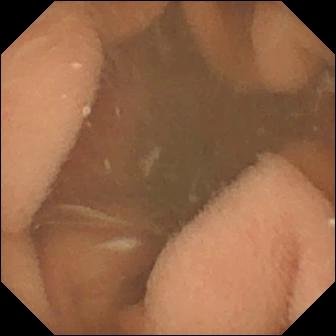Normal clean mucosa — small-bowel capsule endoscopy image.